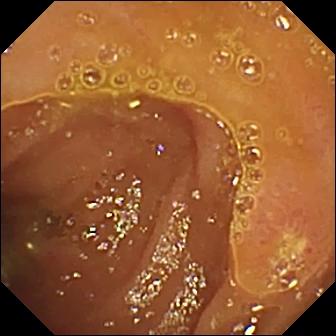{"modality": "capsule endoscopy", "finding": "ulcer"}